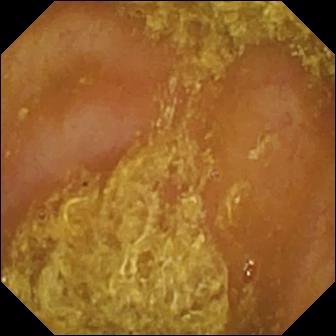VCE image, 336×336. Reduced mucosal view (content or bubbles obscuring the mucosa).